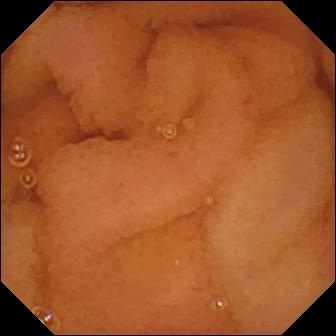{"modality": "VCE", "finding": "normal clean mucosa"}